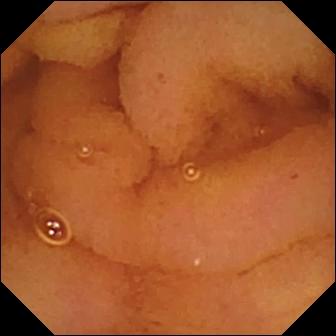WCE — normal clean mucosa.